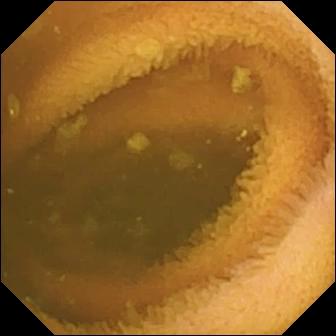VCE image
Impression: normal clean mucosa